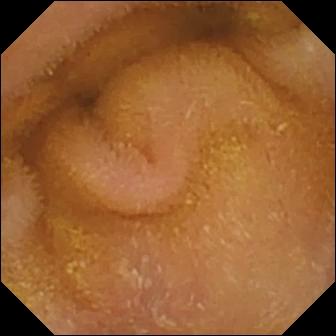Normal clean mucosa — capsule endoscopy view.